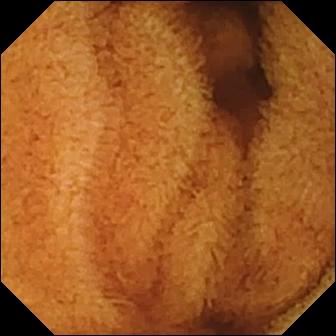Normal clean mucosa — small-bowel capsule endoscopy frame.